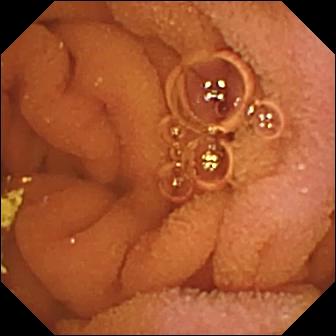Wireless capsule endoscopy image showing normal clean mucosa.